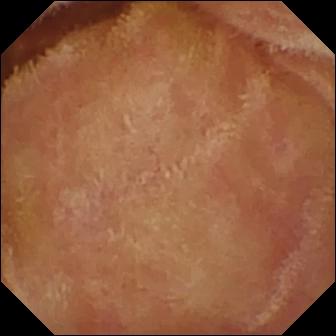Small-bowel capsule endoscopy — normal clean mucosa.